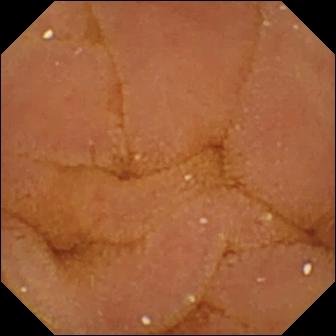Video capsule endoscopy. Small intestine. Impression: normal clean mucosa.